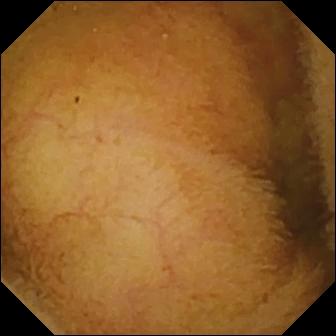- modality: video capsule endoscopy
- finding: normal clean mucosa